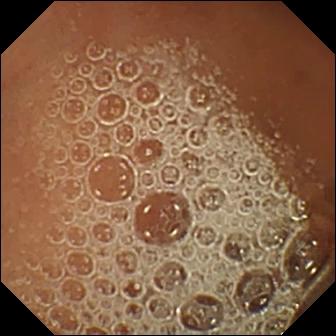Capsule endoscopy still
Observation: normal clean mucosa